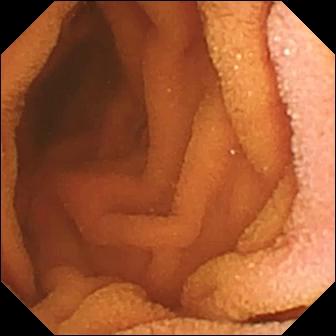Small-bowel capsule endoscopy frame. Normal clean mucosa.